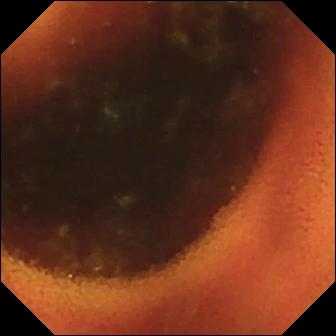Ileo-cecal valve region (the transition from the small bowel to the large bowel).